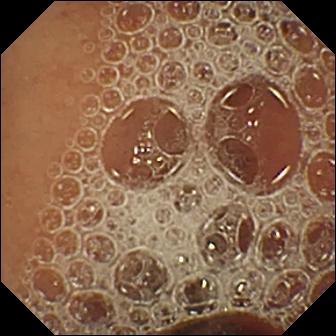Video capsule endoscopy snapshot
Label: normal clean mucosa